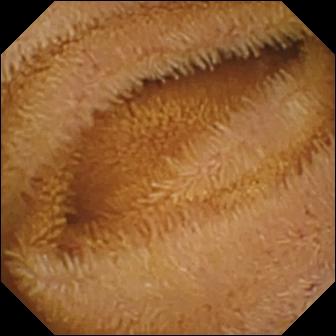{"modality": "capsule endoscopy", "segment": "small intestine", "category": "luminal finding", "finding": "normal clean mucosa"}